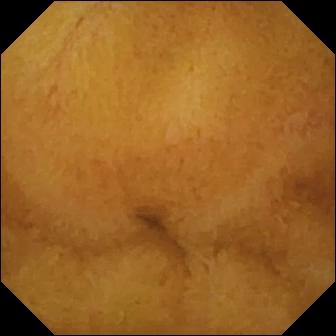Capsule endoscopy frame (small bowel). Normal clean mucosa.